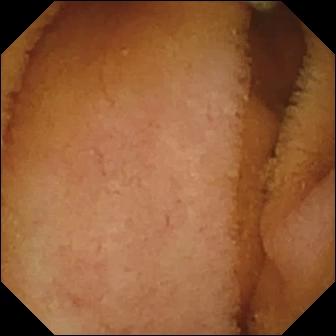Capsule endoscopy. Finding: normal clean mucosa.